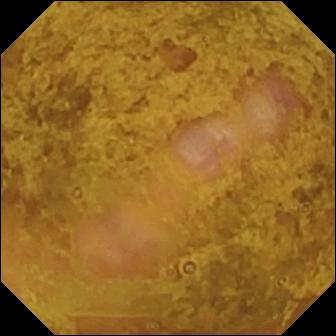Small-bowel capsule endoscopy. Location: ileo-cecal valve region (where the capsule passes from the small bowel into the large bowel).